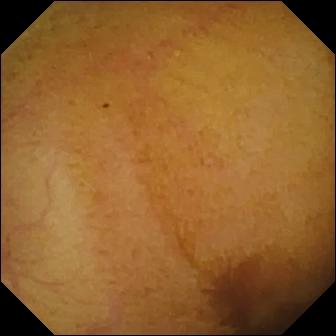PROCEDURE: Wireless capsule endoscopy.
FINDINGS: Normal clean mucosa.